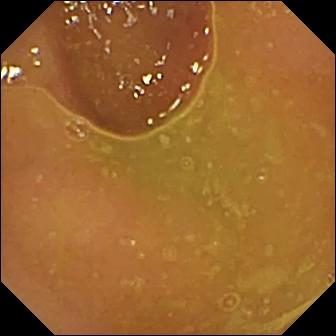Q: What does this WCE view of the small bowel show?
A: Normal clean mucosa.